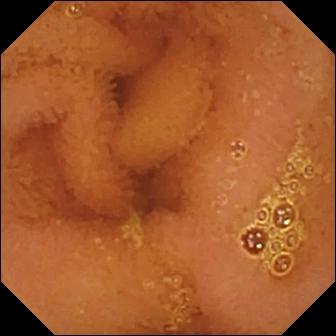PROCEDURE: Wireless capsule endoscopy.
SEGMENT: Small bowel.
FINDINGS: Normal clean mucosa.